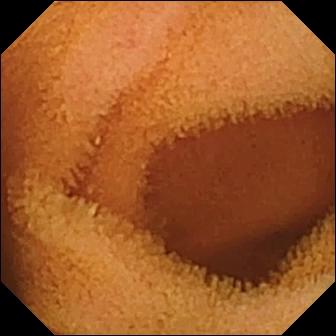Capsule endoscopy image showing normal clean mucosa.